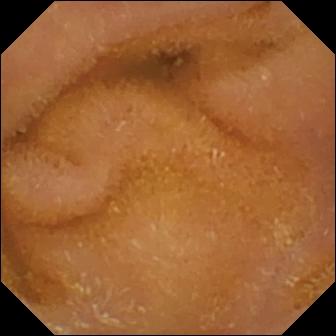WCE image of the small intestine showing normal clean mucosa.